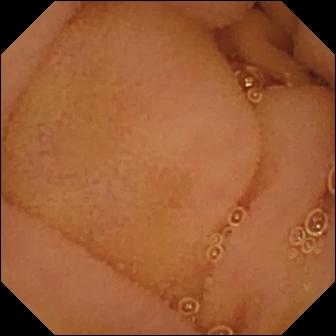modality: wireless capsule endoscopy | segment: small bowel | finding: normal clean mucosa